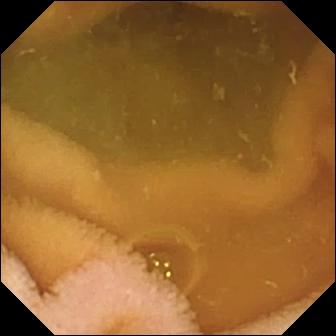Normal clean mucosa.